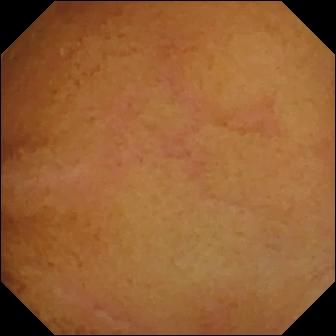Wireless capsule endoscopy still
Label: normal clean mucosa